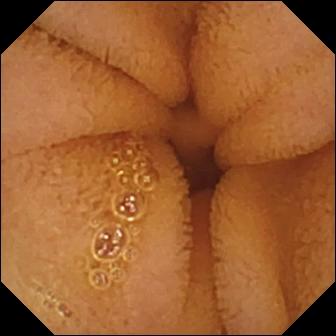Video capsule endoscopy view (small bowel). Normal clean mucosa.